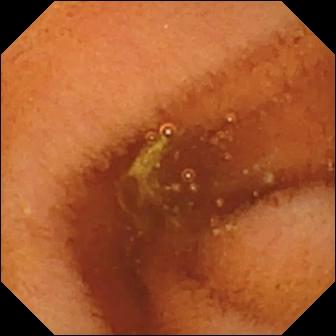Normal clean mucosa.